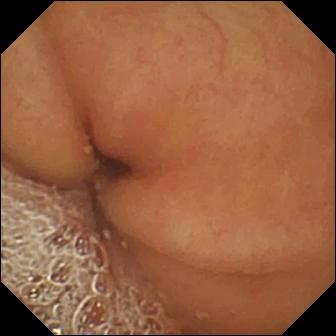WCE image taken in the pylorus region (the junction between the stomach and the small bowel).